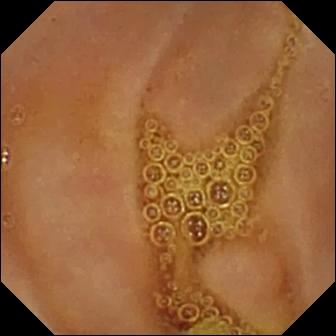PROCEDURE: Capsule endoscopy.
SEGMENT: Small intestine.
FINDINGS: Normal clean mucosa.